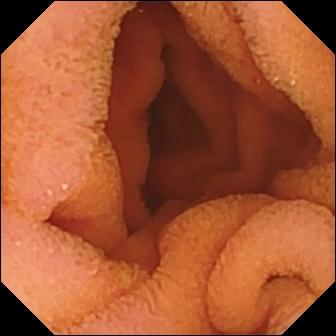This WCE frame of the small bowel shows normal clean mucosa.